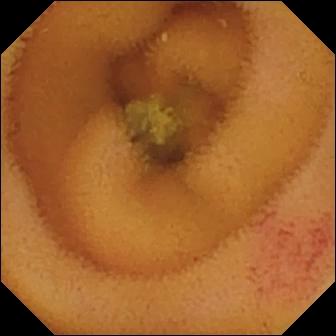Q: What does this capsule endoscopy frame show?
A: Angiectasia.